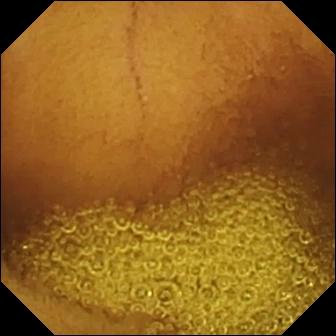modality: video capsule endoscopy | segment: small bowel | category: luminal finding | impression: normal clean mucosa